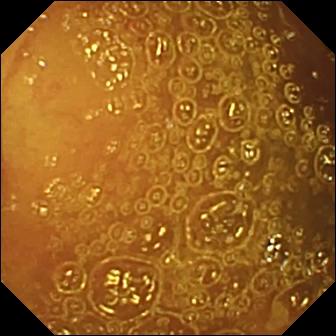{"modality": "small-bowel capsule endoscopy", "finding": "normal clean mucosa"}